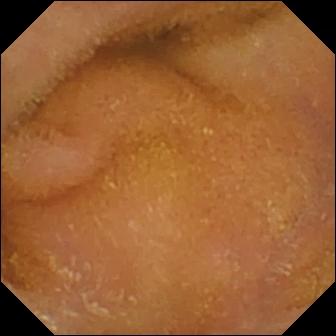{"modality": "small-bowel capsule endoscopy", "finding": "normal clean mucosa"}